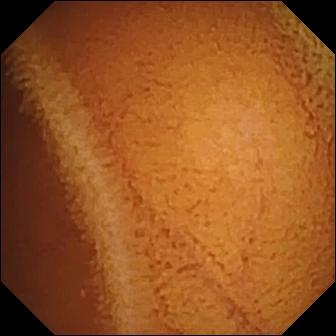modality: small-bowel capsule endoscopy
label: normal clean mucosa